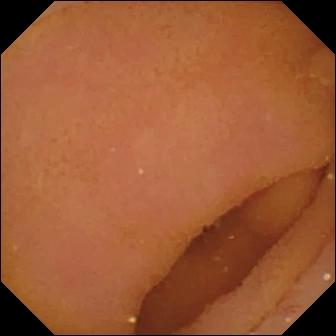{"modality": "WCE", "category": "anatomical landmark", "location": "pylorus region (where the capsule passes from the stomach into the small bowel)"}